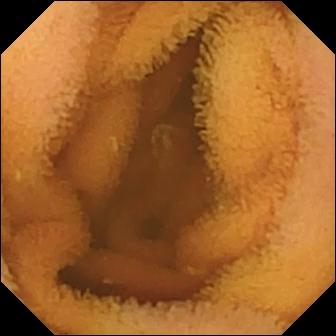Normal clean mucosa — VCE frame.